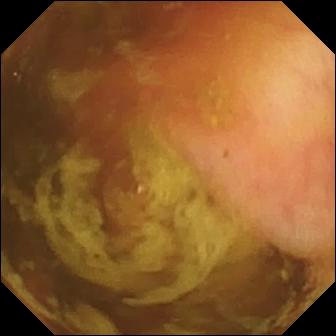VCE view taken in the ileo-cecal valve region (the transition from the small bowel to the large bowel).